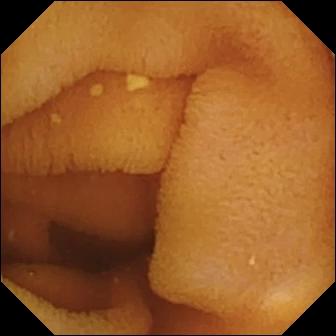Video capsule endoscopy snapshot, small bowel
Label: normal clean mucosa